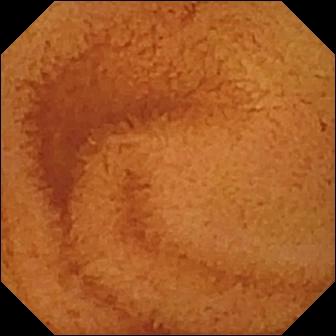{"modality": "small-bowel capsule endoscopy", "category": "luminal finding", "finding": "normal clean mucosa"}